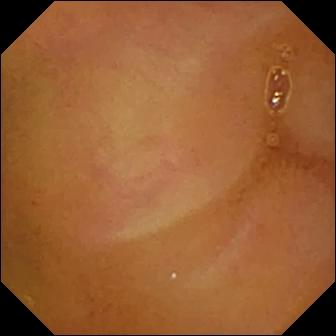VCE still (small bowel). Normal clean mucosa.